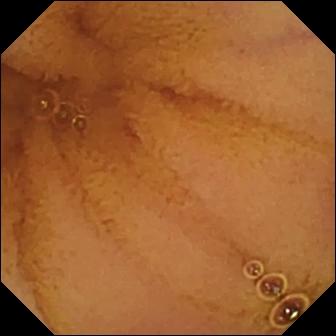Q: What does this WCE snapshot show?
A: Normal clean mucosa.